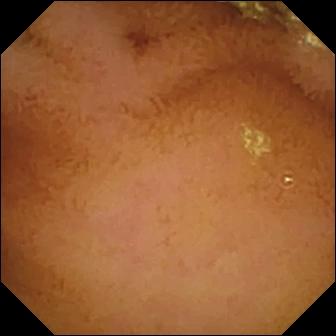Small-bowel capsule endoscopy. Small intestine. Observation: normal clean mucosa.